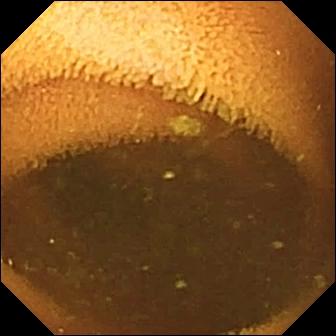This WCE frame shows normal clean mucosa.